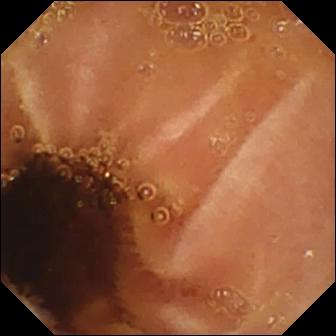VCE. Small intestine. Finding: normal clean mucosa.